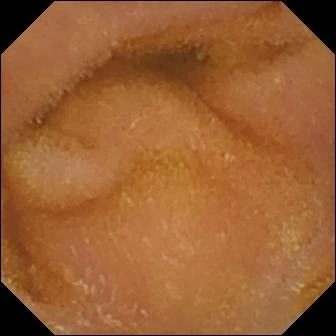Q: What does this VCE view show?
A: Normal clean mucosa.